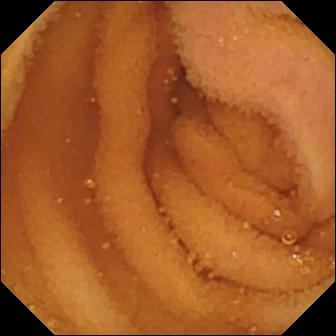Video capsule endoscopy frame of the small bowel showing normal clean mucosa.